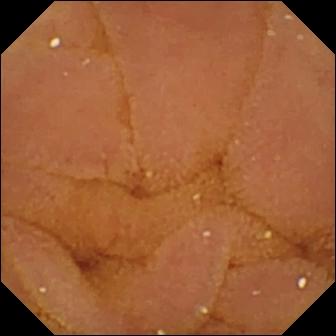Wireless capsule endoscopy — normal clean mucosa.